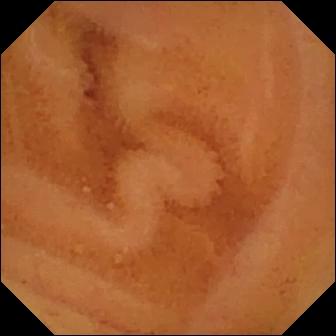This video capsule endoscopy view shows normal clean mucosa.